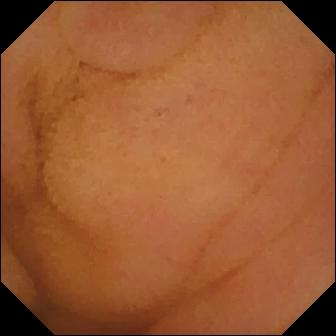Small-bowel capsule endoscopy image
Label: normal clean mucosa